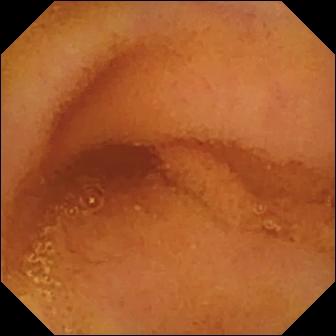Normal clean mucosa.